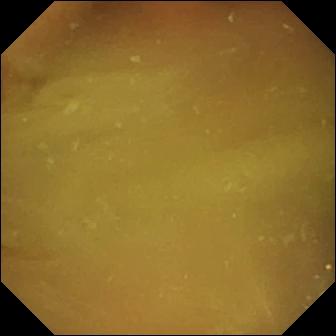PROCEDURE: Video capsule endoscopy.
FINDINGS: Normal clean mucosa.